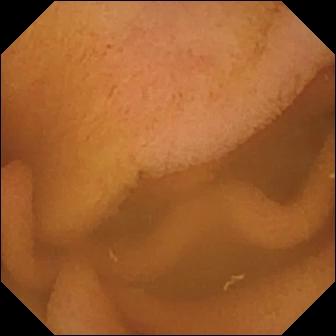Capsule endoscopy. Finding: normal clean mucosa.